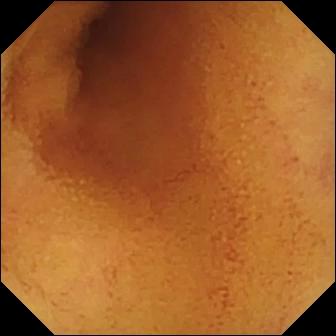modality: video capsule endoscopy
segment: small bowel
label: normal clean mucosa